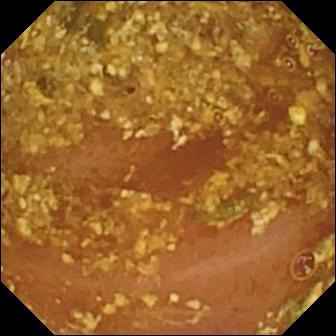Wireless capsule endoscopy frame showing reduced mucosal view (content or bubbles obscuring the mucosa).